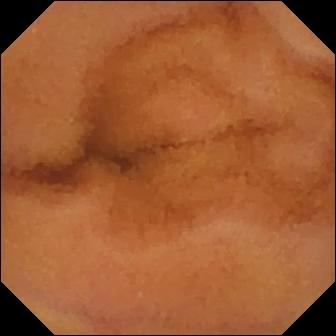Video capsule endoscopy. Observation: normal clean mucosa.